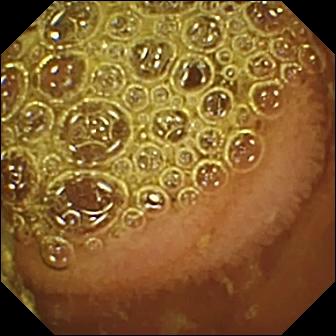- modality: video capsule endoscopy
- impression: normal clean mucosa